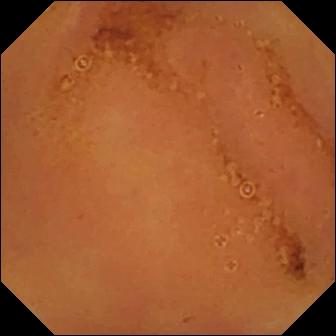Capsule endoscopy view (small bowel), 336×336. Normal clean mucosa.